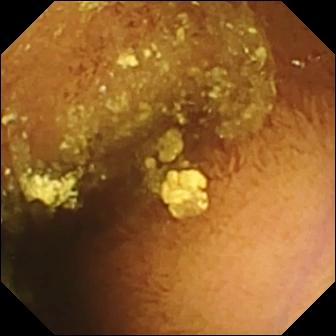Video capsule endoscopy — normal clean mucosa.